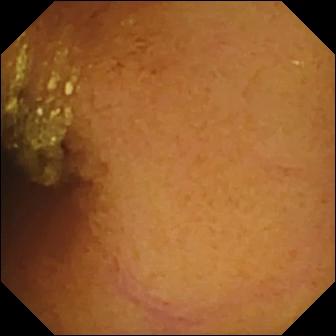{"modality": "WCE", "category": "luminal finding", "finding": "normal clean mucosa"}